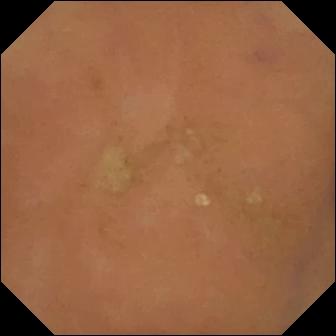- modality: capsule endoscopy
- label: normal clean mucosa